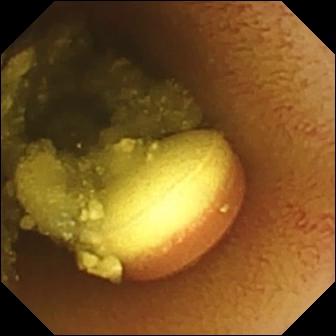Capsule endoscopy. Finding: foreign body (e.g. retained capsule, tablet residue).